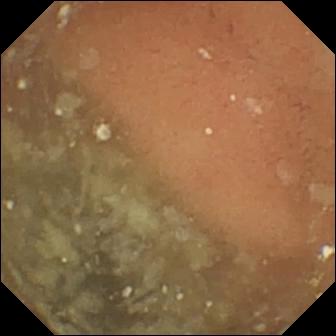Small-bowel capsule endoscopy. Small bowel. Label: normal clean mucosa.